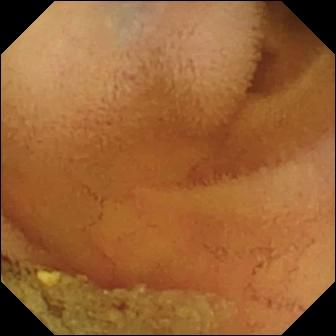- modality: small-bowel capsule endoscopy
- finding: normal clean mucosa